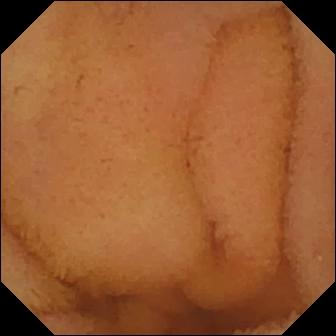This capsule endoscopy image of the small bowel shows normal clean mucosa.